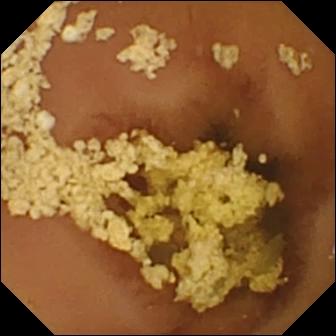modality: video capsule endoscopy
impression: normal clean mucosa